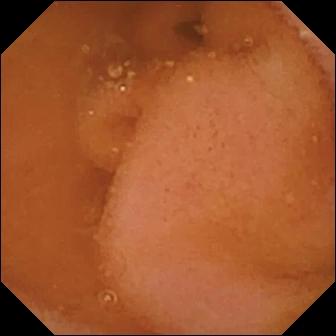WCE. Finding: normal clean mucosa.